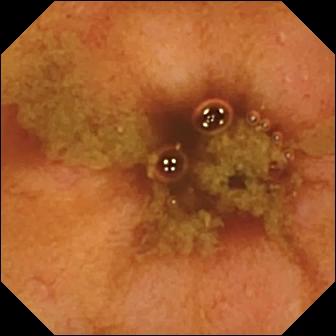This small-bowel capsule endoscopy frame was taken in the ileo-cecal valve region (the transition from the small bowel to the large bowel).